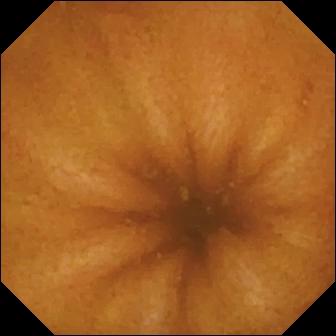Normal clean mucosa — video capsule endoscopy view of the small intestine.